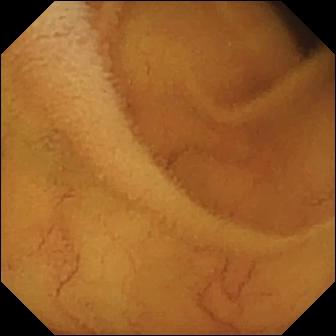Video capsule endoscopy frame of the small intestine showing normal clean mucosa.